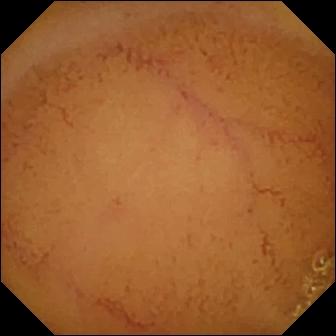Normal clean mucosa.